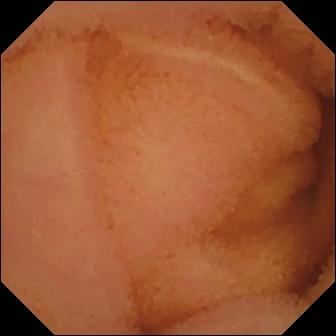Capsule endoscopy frame showing normal clean mucosa.